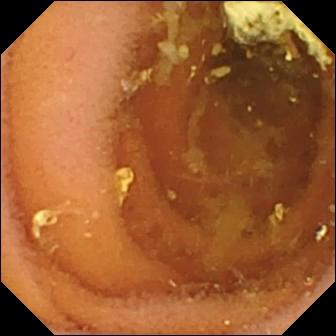PROCEDURE: WCE.
SEGMENT: Small bowel.
FINDINGS: Normal clean mucosa.